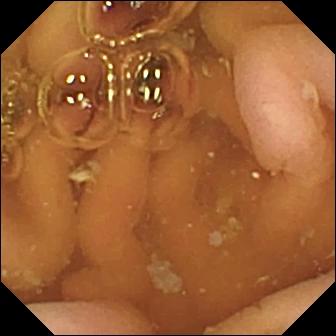{"modality": "small-bowel capsule endoscopy", "location": "pylorus region (where the capsule passes from the stomach into the small bowel)"}